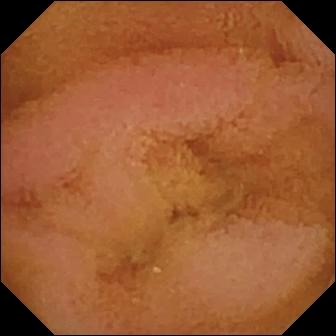Normal clean mucosa — WCE still.